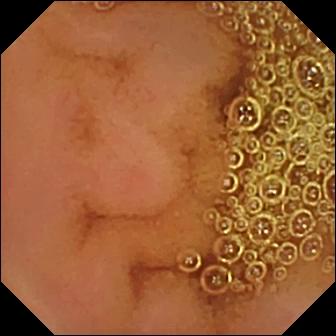VCE image
Label: normal clean mucosa